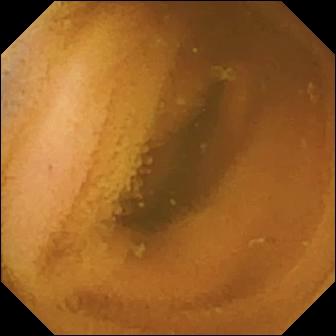This video capsule endoscopy still shows normal clean mucosa.